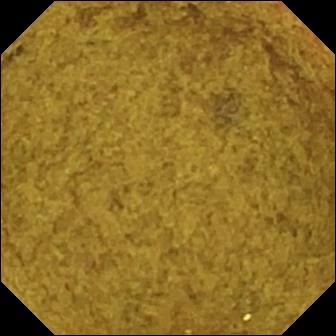VCE snapshot
Position: ileo-cecal valve region